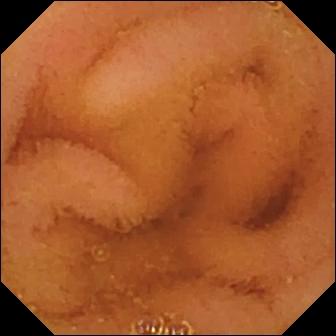This WCE frame shows normal clean mucosa.